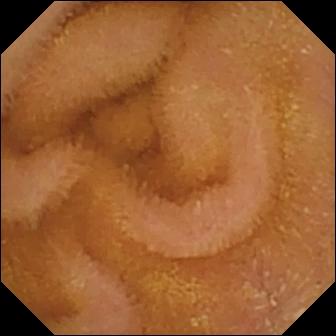Normal clean mucosa — wireless capsule endoscopy snapshot of the small intestine.